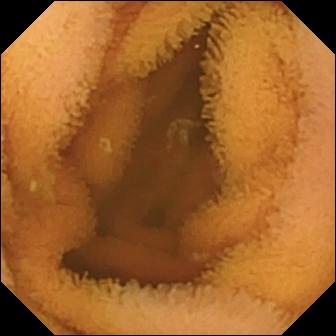PROCEDURE: Capsule endoscopy.
SEGMENT: Small bowel.
FINDINGS: Normal clean mucosa.